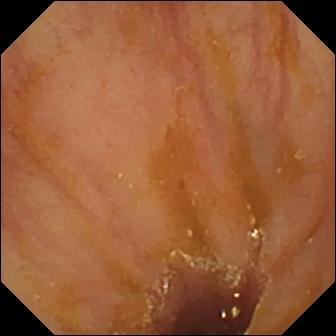{"modality": "wireless capsule endoscopy", "label": "ileo-cecal valve region (where the capsule passes from the small bowel into the large bowel)"}